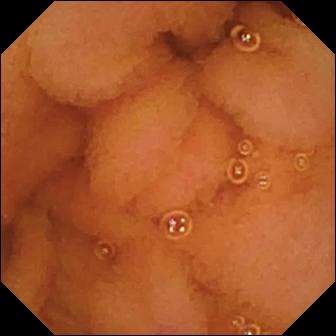- modality: capsule endoscopy
- segment: small intestine
- category: luminal finding
- label: normal clean mucosa